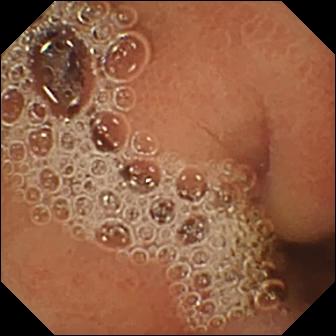Normal clean mucosa.